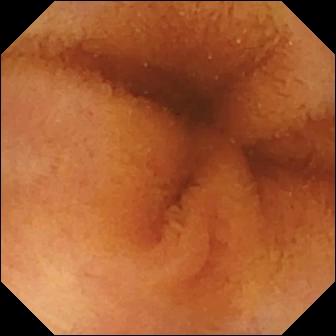PROCEDURE: Small-bowel capsule endoscopy.
SEGMENT: Small bowel.
FINDINGS: Normal clean mucosa.